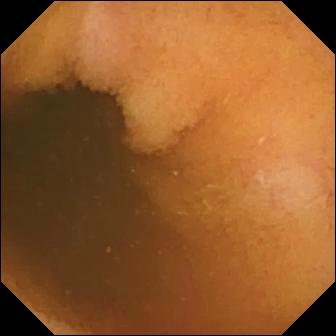WCE. Impression: normal clean mucosa.